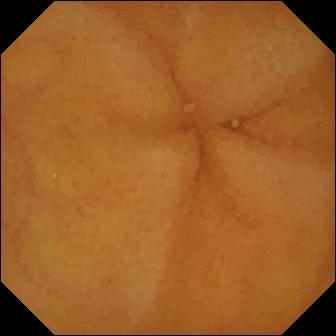Capsule endoscopy frame showing normal clean mucosa.